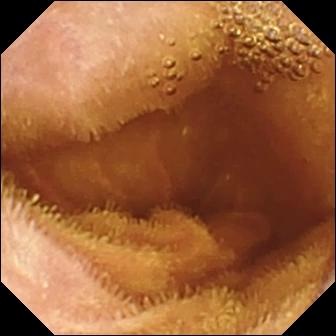Normal clean mucosa.